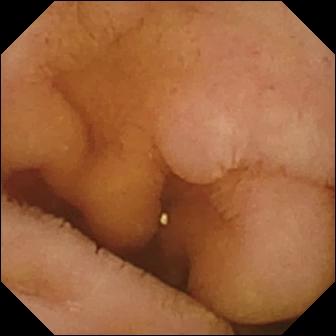Small-bowel capsule endoscopy — normal clean mucosa.